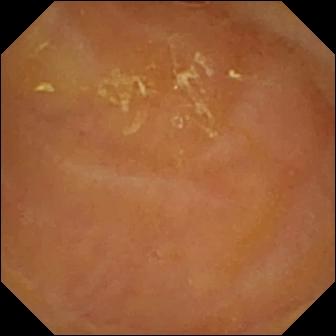PROCEDURE: VCE.
SEGMENT: Small bowel.
FINDINGS: Reduced mucosal view (content or bubbles obscuring the mucosa).